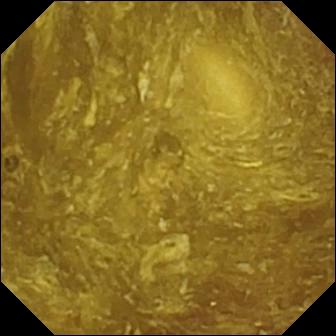Wireless capsule endoscopy snapshot showing reduced mucosal view (content or bubbles obscuring the mucosa).